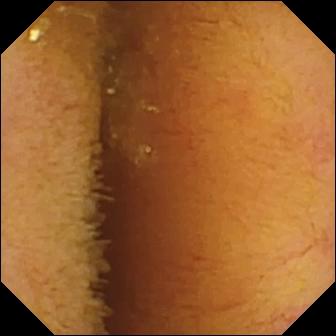Capsule endoscopy image. Normal clean mucosa.